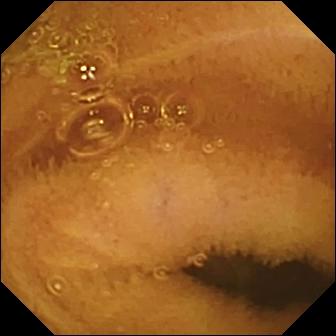Normal clean mucosa — WCE still.